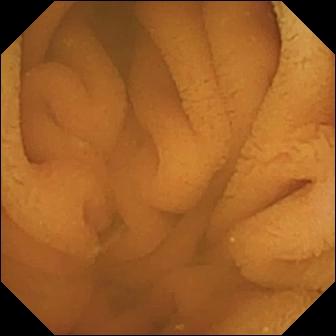VCE — normal clean mucosa.